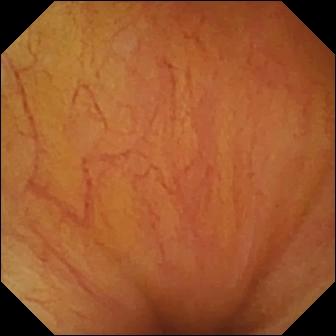Capsule endoscopy image. Taken in the ileo-cecal valve region.